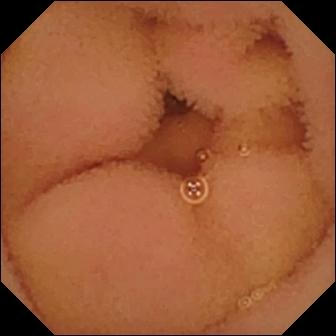Video capsule endoscopy — normal clean mucosa.